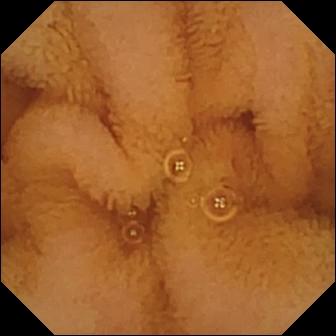WCE still of the small bowel showing normal clean mucosa.